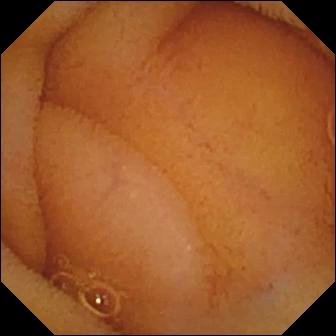- modality: video capsule endoscopy
- finding: normal clean mucosa